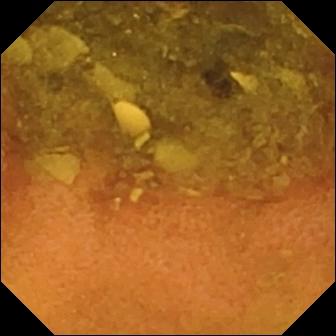{"modality": "WCE", "segment": "small intestine", "finding": "normal clean mucosa"}